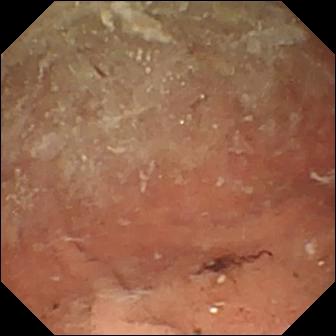Q: What does this WCE image show?
A: Angiectasia.